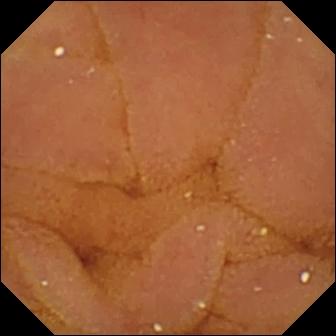Small-bowel capsule endoscopy snapshot
Finding: normal clean mucosa